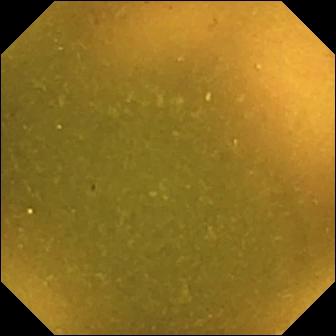PROCEDURE: Small-bowel capsule endoscopy.
VIDEO SEGMENT: Ileo-cecal valve region.